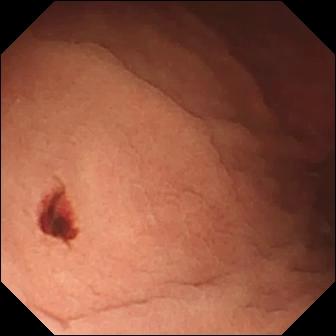WCE snapshot
Label: angiectasia